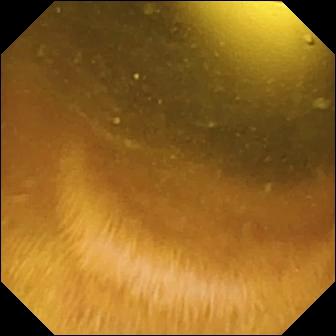WCE frame
Impression: foreign body (e.g. retained capsule, tablet residue)